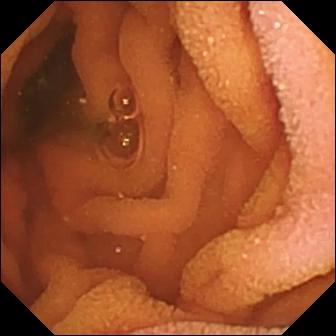modality: capsule endoscopy
observation: normal clean mucosa